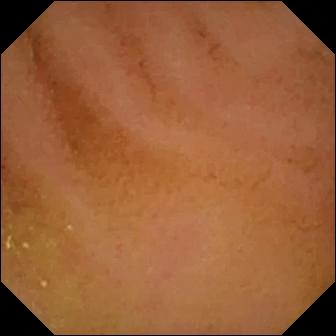{"modality": "video capsule endoscopy", "segment": "small intestine", "category": "luminal finding", "finding": "normal clean mucosa"}